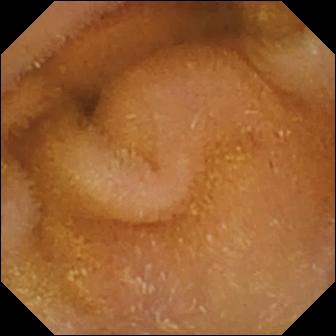- modality: capsule endoscopy
- finding: normal clean mucosa